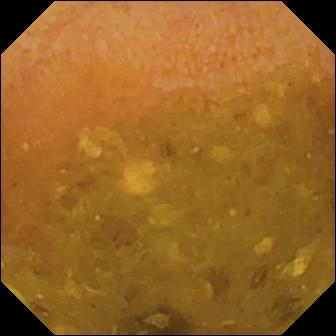{"modality": "wireless capsule endoscopy", "finding": "reduced mucosal view (content or bubbles obscuring the mucosa)"}